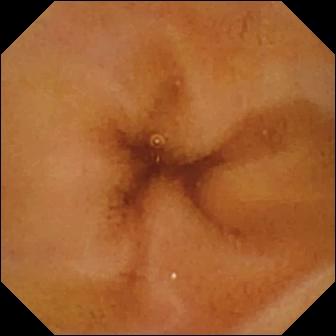Video capsule endoscopy — normal clean mucosa.